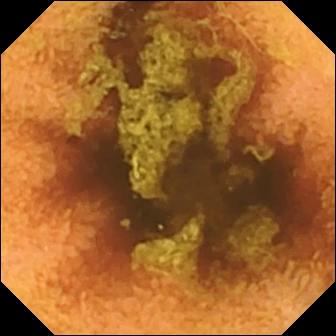Normal clean mucosa — small-bowel capsule endoscopy image of the small bowel.